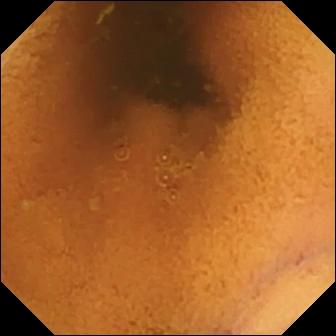Q: What does this capsule endoscopy view show?
A: Normal clean mucosa.